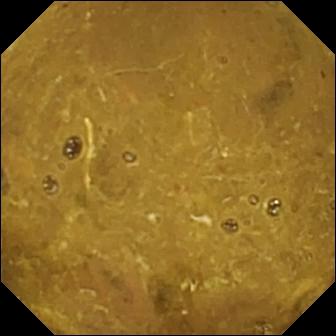Q: Where in the digestive tract was this video capsule endoscopy image taken?
A: Ileo-cecal valve region (the transition from the small bowel to the large bowel).